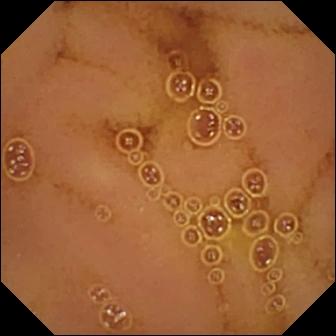Normal clean mucosa.